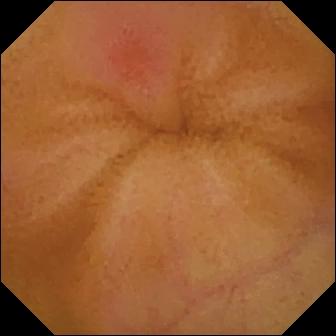{"modality": "capsule endoscopy", "finding": "erythema (mucosal redness)"}